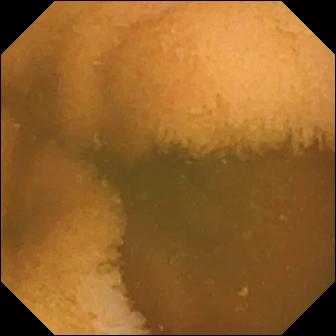WCE frame (small intestine). Normal clean mucosa.